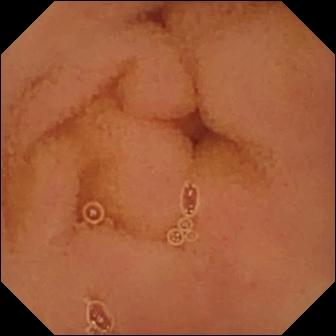- modality: video capsule endoscopy
- observation: normal clean mucosa